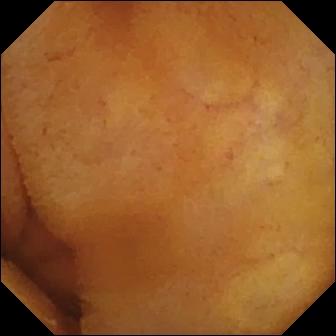Capsule endoscopy — normal clean mucosa.